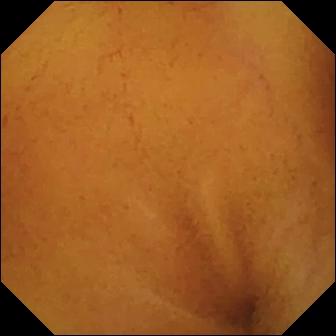WCE. Small intestine. Luminal finding. Finding: normal clean mucosa.